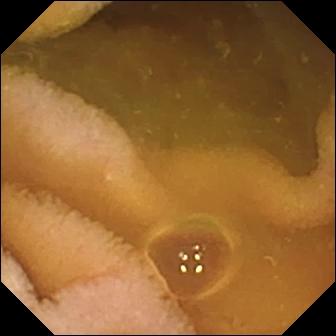VCE. Impression: normal clean mucosa.